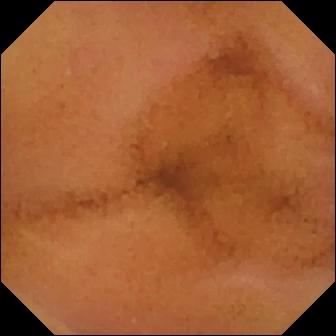- modality: WCE
- impression: normal clean mucosa